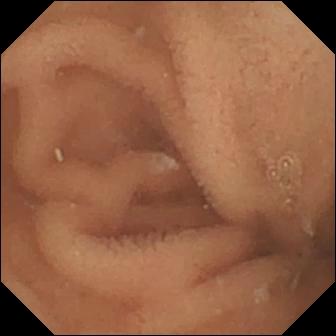Wireless capsule endoscopy — normal clean mucosa.